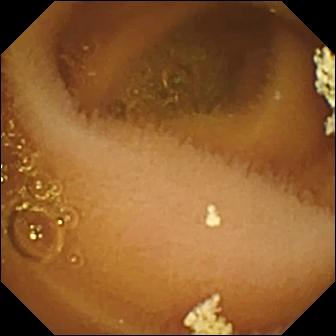modality: VCE
finding: normal clean mucosa